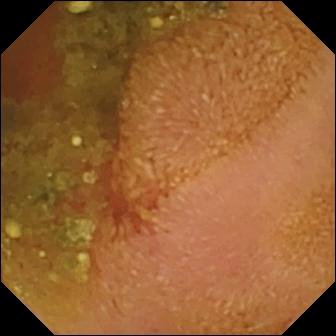Small-bowel capsule endoscopy snapshot showing erosion.